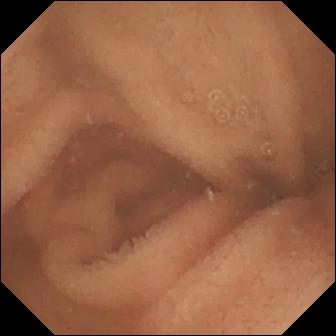PROCEDURE: Wireless capsule endoscopy.
FINDINGS: Normal clean mucosa.